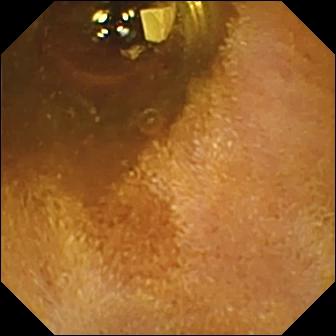PROCEDURE: Capsule endoscopy.
FINDINGS: Foreign body (e.g. retained capsule, tablet residue).